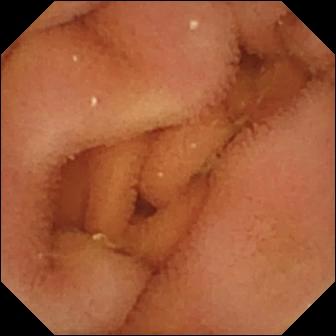Wireless capsule endoscopy. Small bowel. Label: normal clean mucosa.